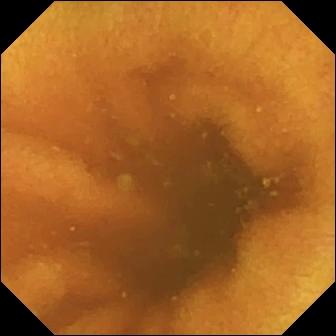Normal clean mucosa.